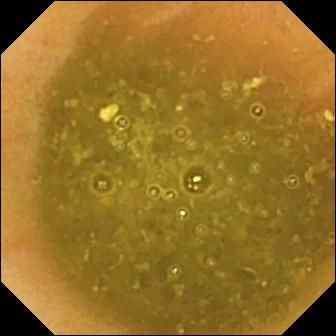WCE. Position: ileo-cecal valve region.